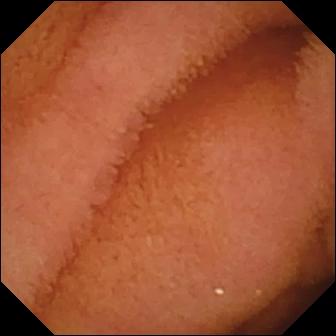Normal clean mucosa — WCE image of the small intestine.